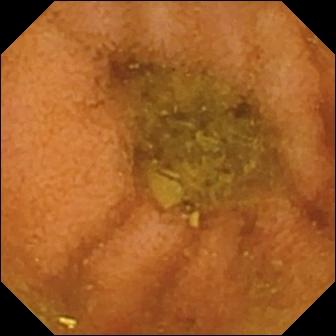Normal clean mucosa — capsule endoscopy still.